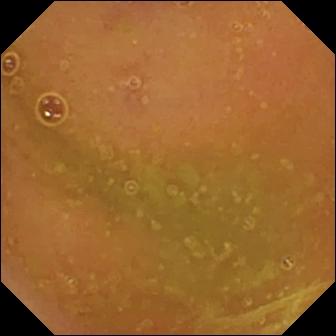PROCEDURE: Wireless capsule endoscopy.
FINDINGS: Normal clean mucosa.